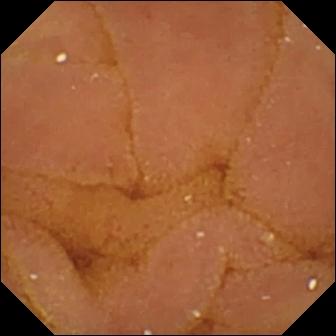PROCEDURE: VCE.
SEGMENT: Small bowel.
FINDINGS: Normal clean mucosa.